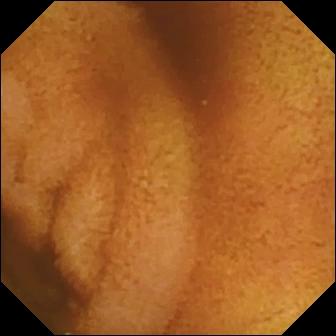WCE image
Observation: normal clean mucosa